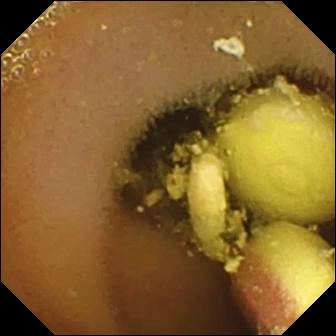Capsule endoscopy. Luminal finding. Label: foreign body (e.g. retained capsule, tablet residue).